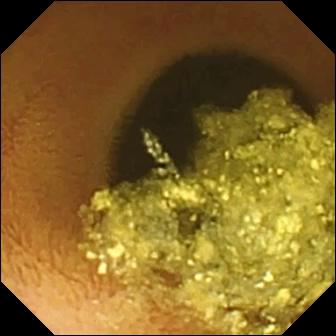Normal clean mucosa.